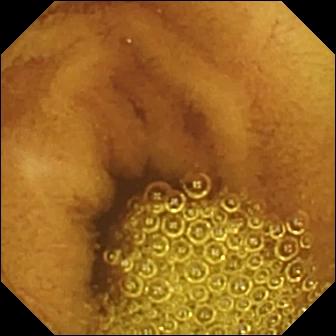VCE image, 336×336. Normal clean mucosa.